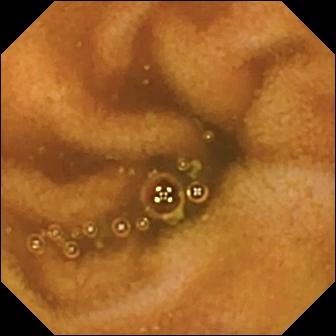Small-bowel capsule endoscopy — normal clean mucosa.